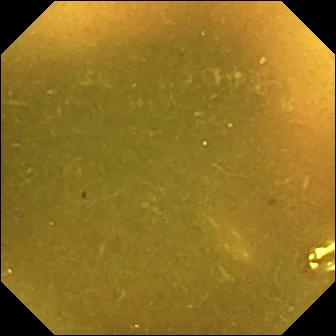Wireless capsule endoscopy frame. Taken in the ileo-cecal valve region (the transition from the small bowel to the large bowel).